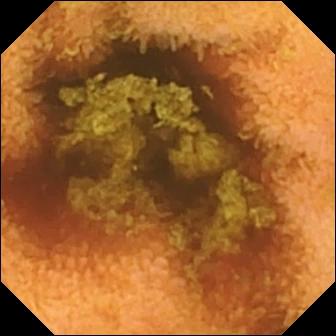This small-bowel capsule endoscopy view shows normal clean mucosa.